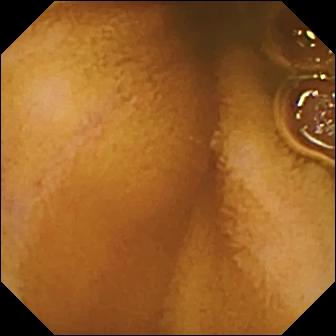WCE. Finding: normal clean mucosa.